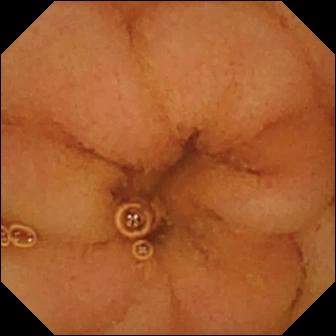WCE snapshot of the small bowel showing normal clean mucosa.